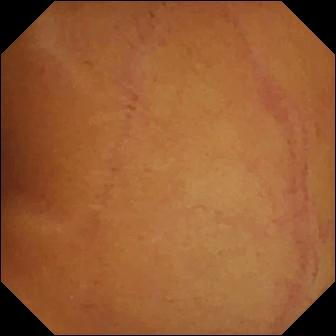modality: small-bowel capsule endoscopy | segment: small bowel | impression: normal clean mucosa